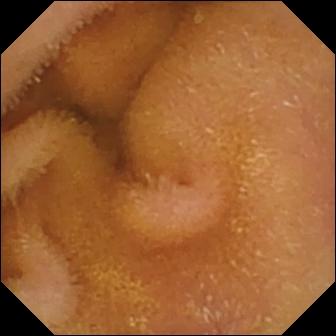WCE. Small bowel. Luminal finding. Impression: normal clean mucosa.